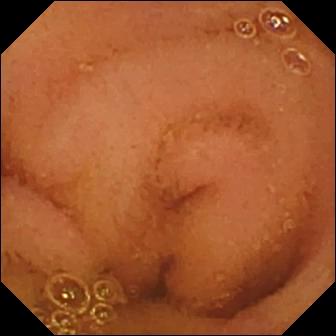Capsule endoscopy view
Observation: normal clean mucosa